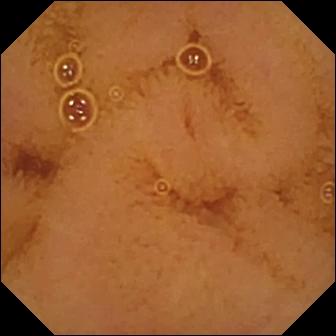PROCEDURE: WCE.
SEGMENT: Small intestine.
FINDINGS: Normal clean mucosa.